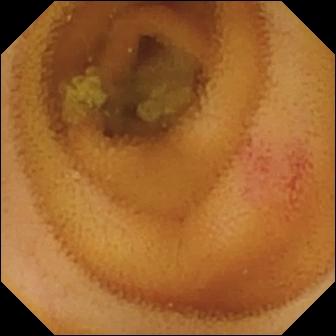PROCEDURE: Video capsule endoscopy.
FINDINGS: Angiectasia.